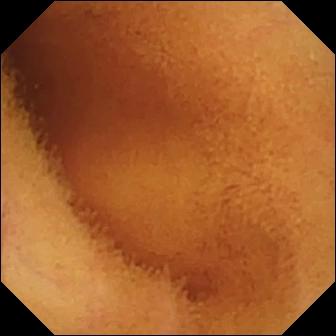This capsule endoscopy snapshot shows normal clean mucosa.